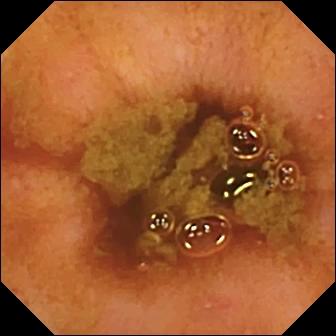{"modality": "VCE", "video_segment": "ileo-cecal valve region (where the capsule passes from the small bowel into the large bowel)"}